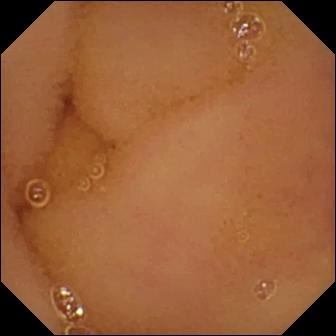PROCEDURE: Capsule endoscopy.
SEGMENT: Small bowel.
FINDINGS: Normal clean mucosa.